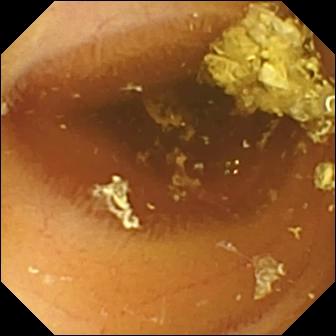{"modality": "VCE", "segment": "small intestine", "finding": "normal clean mucosa"}